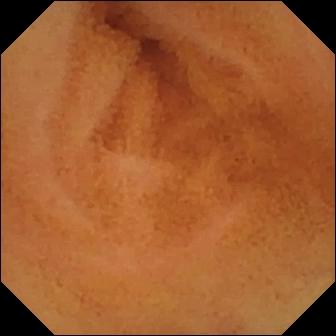Normal clean mucosa — VCE snapshot of the small bowel.